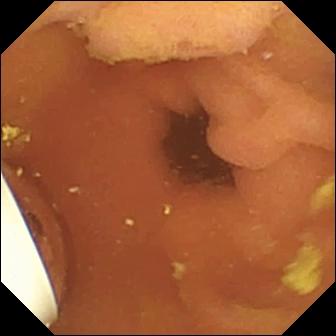Video capsule endoscopy frame showing foreign body (e.g. retained capsule, tablet residue).